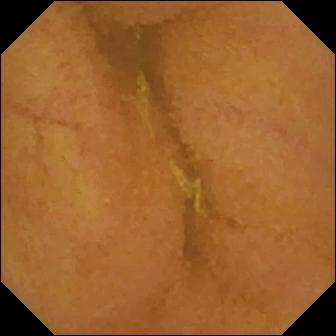{"modality": "wireless capsule endoscopy", "segment": "small intestine", "category": "luminal finding", "finding": "normal clean mucosa"}